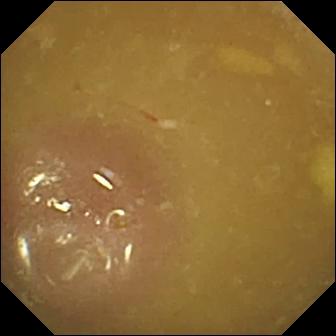- modality: capsule endoscopy
- category: anatomical landmark
- label: ileo-cecal valve region (the transition from the small bowel to the large bowel)